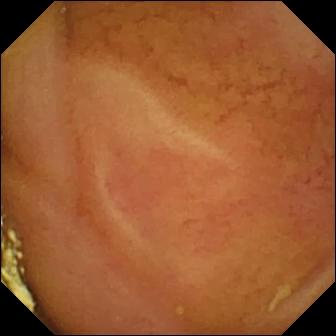This WCE view of the small intestine shows normal clean mucosa.